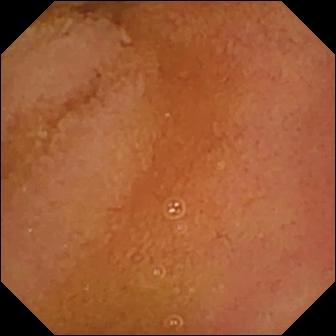Normal clean mucosa.